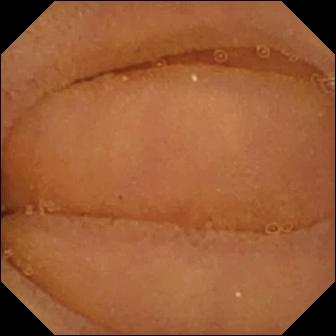Small-bowel capsule endoscopy — normal clean mucosa.